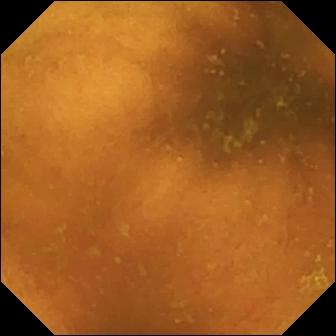- modality: wireless capsule endoscopy
- segment: small intestine
- impression: normal clean mucosa